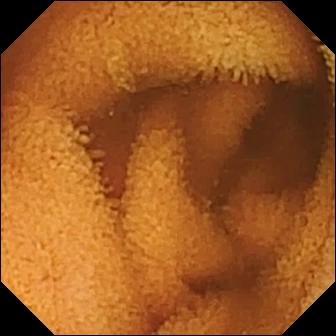Capsule endoscopy image showing normal clean mucosa.